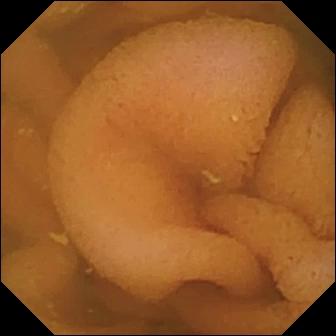modality: small-bowel capsule endoscopy; label: normal clean mucosa